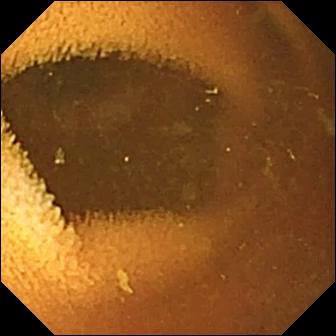Wireless capsule endoscopy — normal clean mucosa.